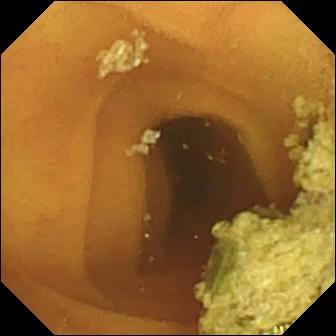This VCE view shows normal clean mucosa.